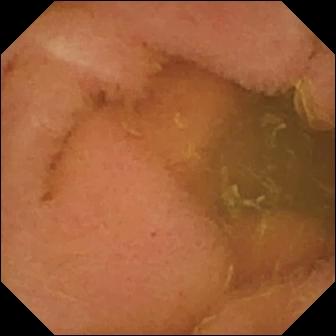PROCEDURE: VCE.
SEGMENT: Small intestine.
FINDINGS: Normal clean mucosa.